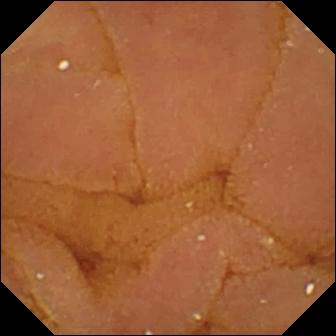Wireless capsule endoscopy image (small bowel). Normal clean mucosa.